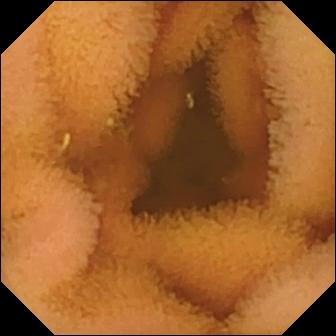PROCEDURE: Capsule endoscopy.
SEGMENT: Small intestine.
FINDINGS: Normal clean mucosa.